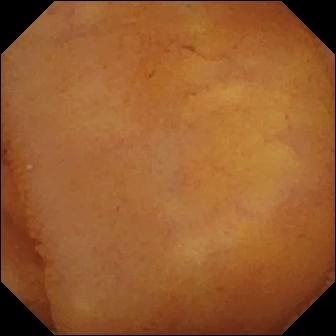modality: small-bowel capsule endoscopy; impression: normal clean mucosa